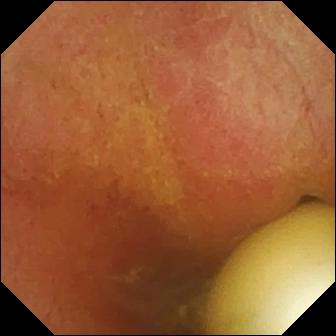Video capsule endoscopy image showing foreign body (e.g. retained capsule, tablet residue).